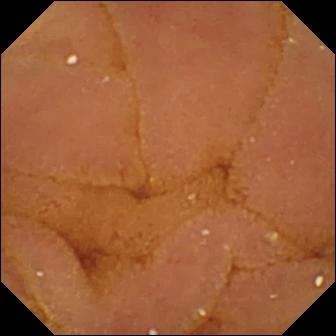This VCE frame of the small bowel shows normal clean mucosa.